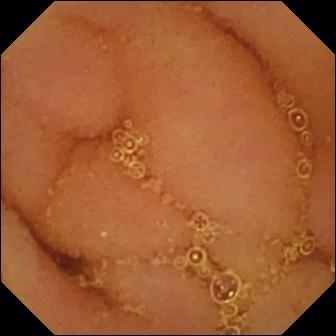Normal clean mucosa — WCE frame.